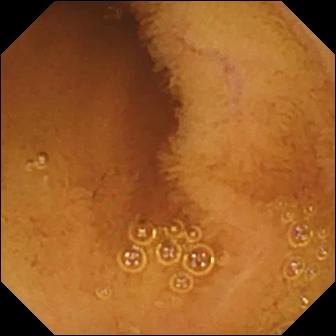modality: wireless capsule endoscopy; segment: small bowel; label: normal clean mucosa